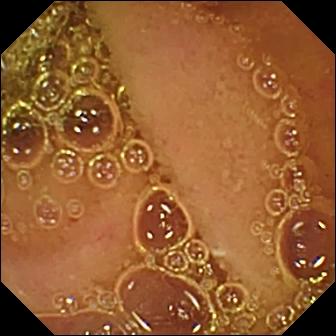Normal clean mucosa (336×336).